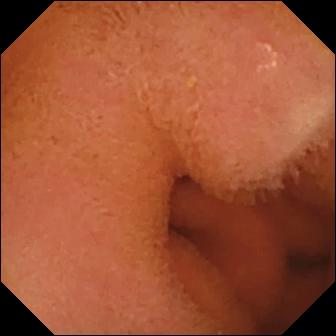VCE snapshot. Normal clean mucosa.